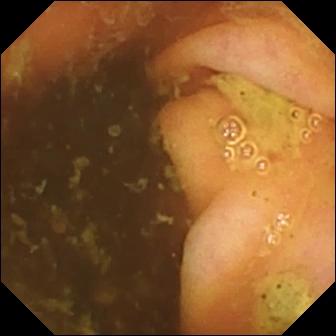This WCE still was taken in the ileo-cecal valve region (where the capsule passes from the small bowel into the large bowel).